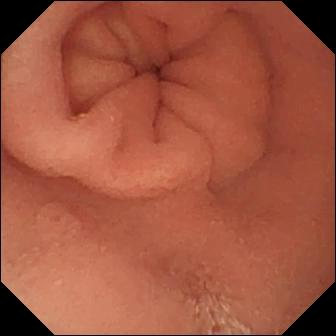modality: capsule endoscopy | category: anatomical landmark | label: pylorus region (where the capsule passes from the stomach into the small bowel)